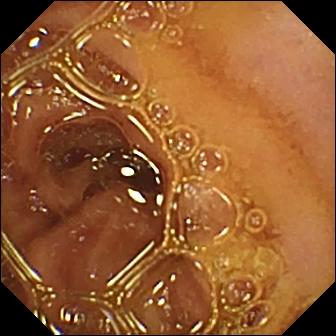- modality: wireless capsule endoscopy
- observation: normal clean mucosa